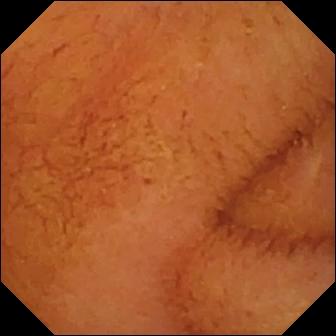Normal clean mucosa — WCE image.